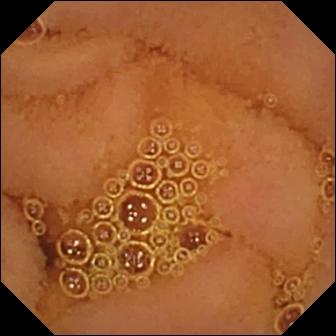WCE — normal clean mucosa.